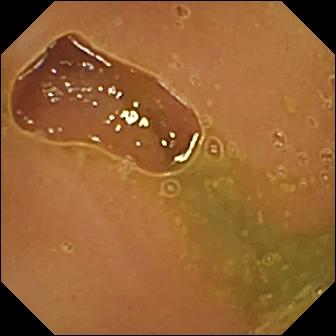Q: What does this WCE frame show?
A: Normal clean mucosa.